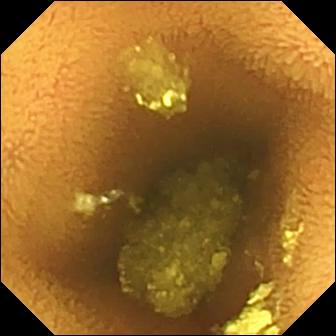Small-bowel capsule endoscopy. Small intestine. Observation: normal clean mucosa.